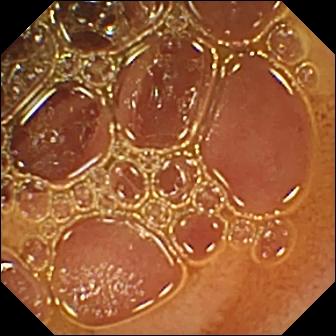- modality: capsule endoscopy
- segment: small bowel
- category: luminal finding
- impression: normal clean mucosa